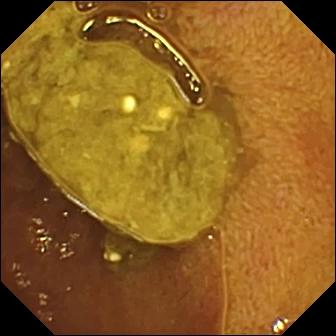modality: VCE; position: ileo-cecal valve region (where the capsule passes from the small bowel into the large bowel)